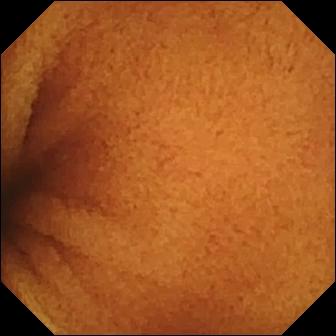{"modality": "small-bowel capsule endoscopy", "segment": "small intestine", "finding": "normal clean mucosa"}